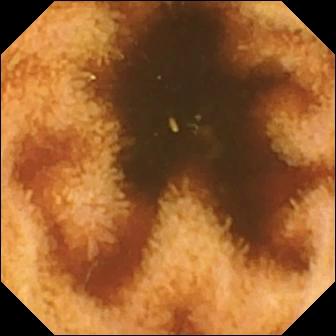PROCEDURE: Video capsule endoscopy.
FINDINGS: Normal clean mucosa.